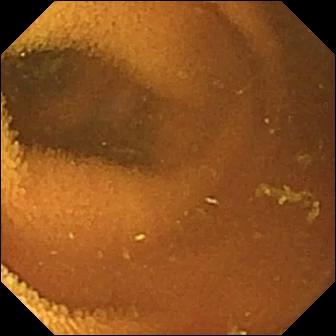WCE. Finding: normal clean mucosa.